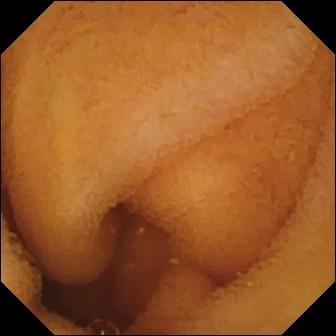Q: What does this wireless capsule endoscopy still show?
A: Normal clean mucosa.